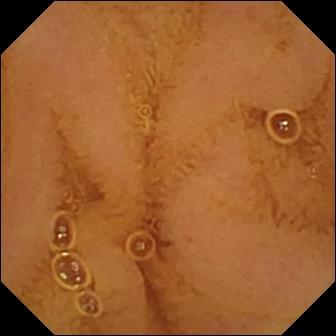Capsule endoscopy — normal clean mucosa.